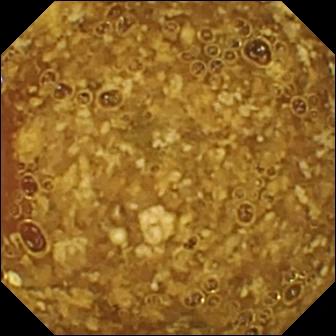Capsule endoscopy view
Label: reduced mucosal view (content or bubbles obscuring the mucosa)